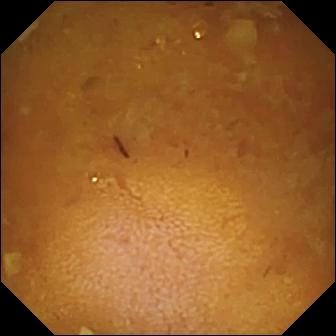Reduced mucosal view (content or bubbles obscuring the mucosa) — VCE still of the small intestine.